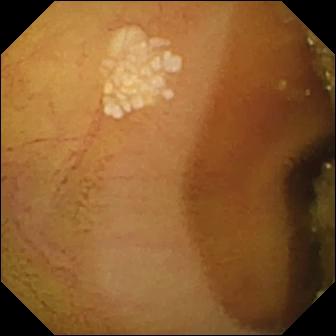- modality: WCE
- label: lymphangiectasia